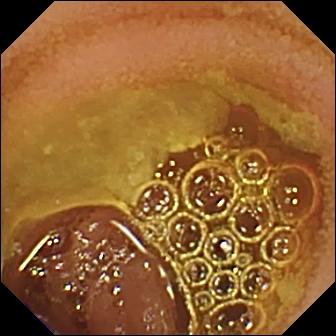Normal clean mucosa (336×336).